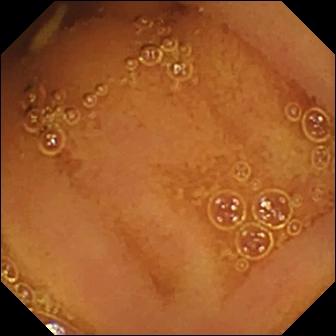- modality: capsule endoscopy
- segment: small intestine
- observation: normal clean mucosa